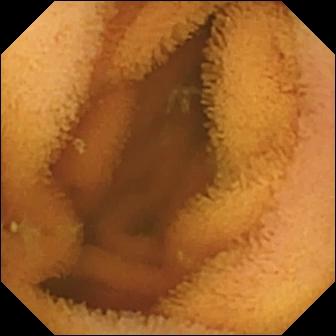This WCE frame of the small bowel shows normal clean mucosa.